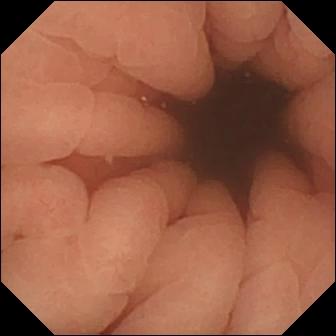VCE snapshot. Taken in the pylorus region (where the capsule passes from the stomach into the small bowel).